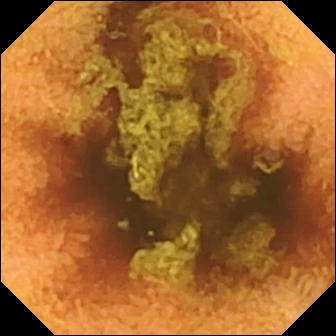Wireless capsule endoscopy image. Normal clean mucosa.